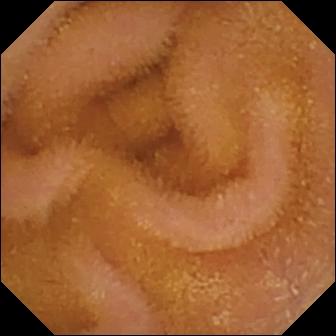Small-bowel capsule endoscopy still
Label: normal clean mucosa